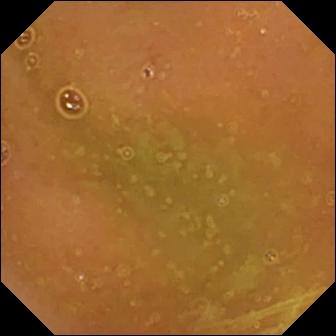WCE snapshot
Observation: normal clean mucosa